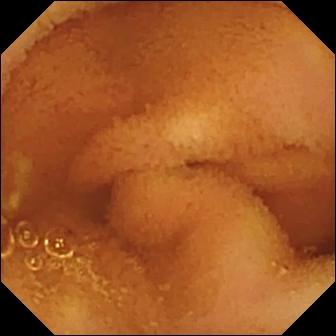modality: WCE | category: luminal finding | impression: normal clean mucosa